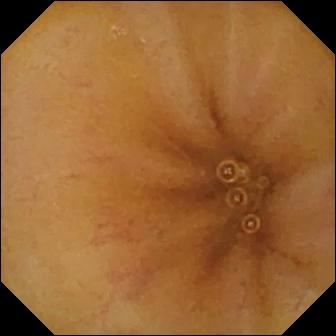This video capsule endoscopy snapshot was taken in the ileo-cecal valve region (where the capsule passes from the small bowel into the large bowel).